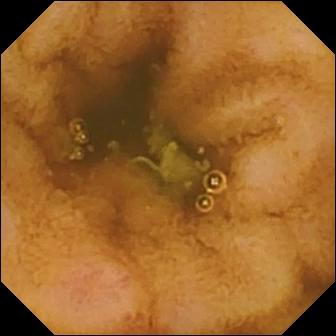modality: WCE | label: erosion